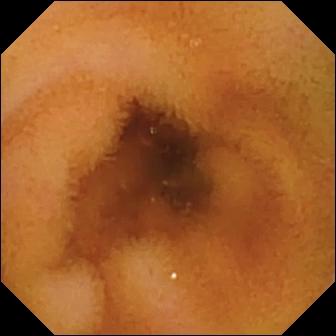Capsule endoscopy. Small bowel. Observation: normal clean mucosa.